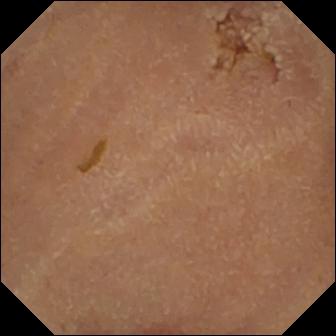{"modality": "video capsule endoscopy", "segment": "small bowel", "finding": "normal clean mucosa"}